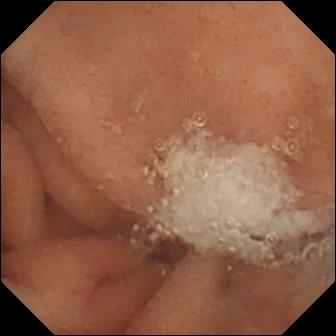modality: video capsule endoscopy; segment: small bowel; finding: normal clean mucosa